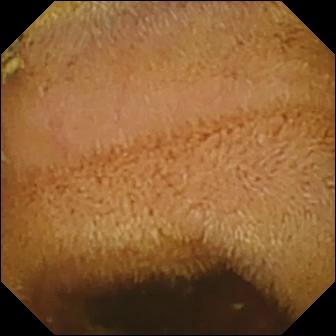VCE snapshot, 336×336. Normal clean mucosa.